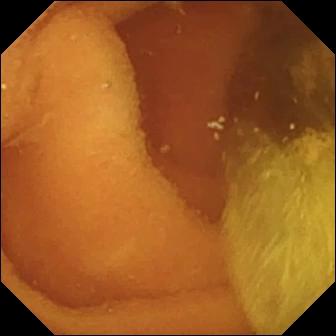WCE. Small intestine. Observation: normal clean mucosa.